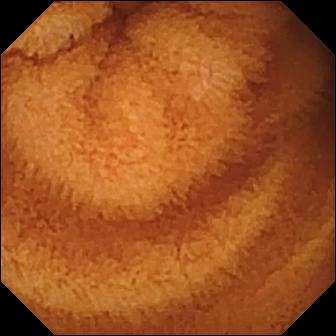PROCEDURE: VCE.
SEGMENT: Small intestine.
FINDINGS: Normal clean mucosa.